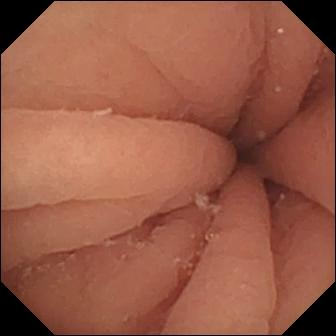modality: capsule endoscopy
location: pylorus region (the junction between the stomach and the small bowel)